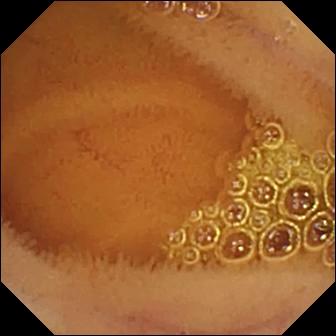Normal clean mucosa — VCE image of the small intestine.